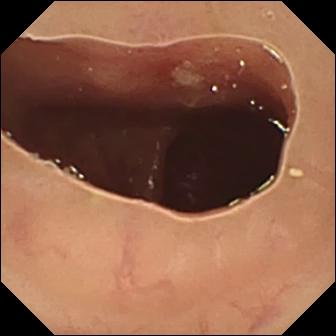Ulcer — capsule endoscopy still.